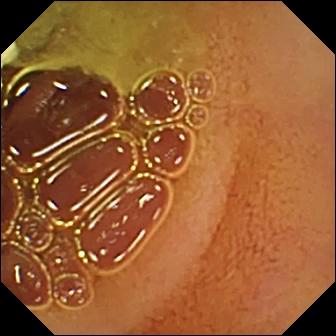Small-bowel capsule endoscopy. Observation: normal clean mucosa.